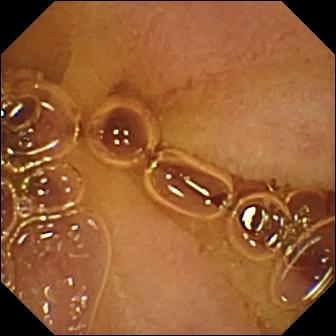PROCEDURE: Video capsule endoscopy.
SEGMENT: Small intestine.
FINDINGS: Normal clean mucosa.